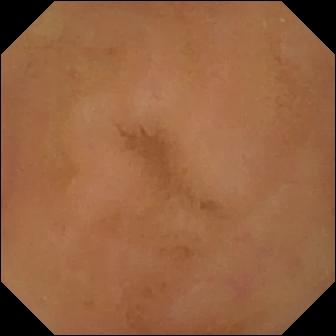Normal clean mucosa.